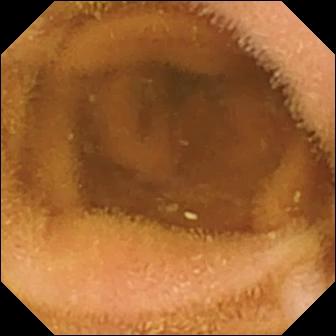Video capsule endoscopy view, small bowel
Finding: normal clean mucosa